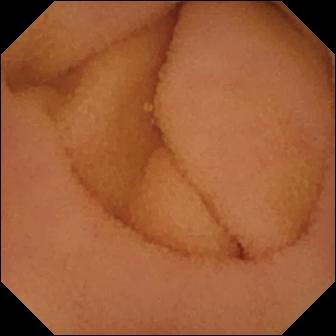Normal clean mucosa.